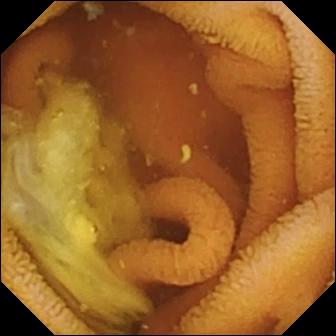Normal clean mucosa — VCE snapshot.